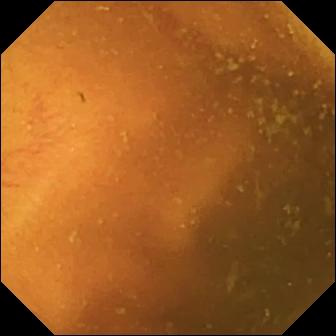Video capsule endoscopy. Small intestine. Label: normal clean mucosa.